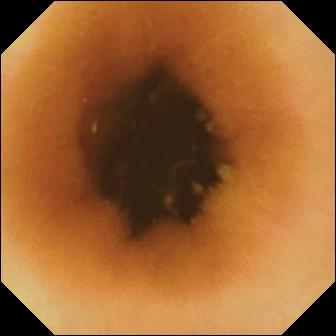Normal clean mucosa.